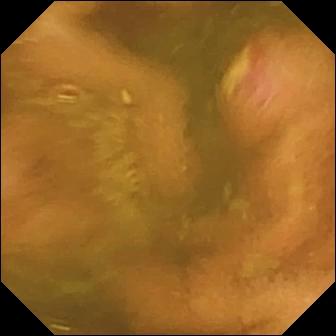Capsule endoscopy — ulcer.